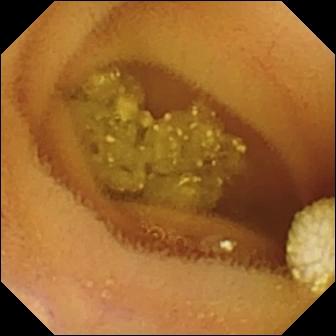VCE. Observation: lymphangiectasia.